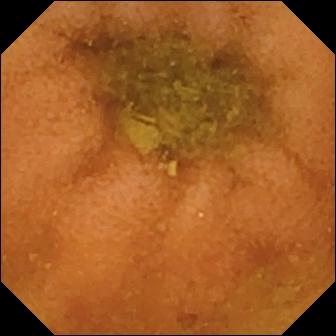{"modality": "VCE", "segment": "small bowel", "finding": "normal clean mucosa"}